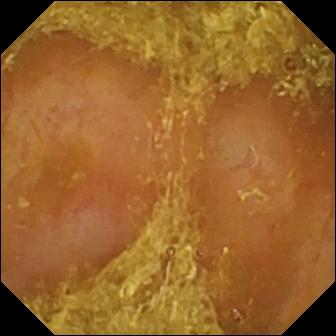VCE view (small intestine). Reduced mucosal view (content or bubbles obscuring the mucosa).